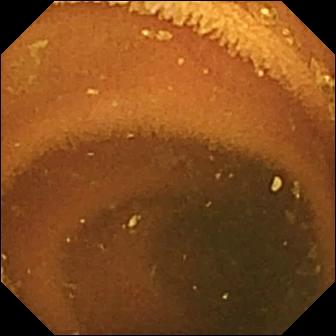{"modality": "wireless capsule endoscopy", "finding": "normal clean mucosa"}